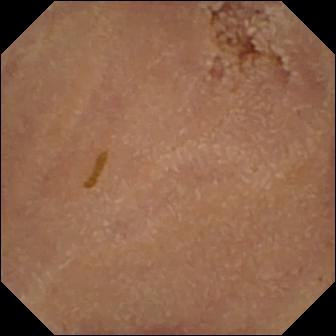WCE snapshot showing normal clean mucosa.